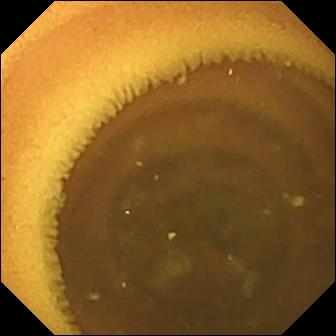Video capsule endoscopy. Impression: normal clean mucosa.